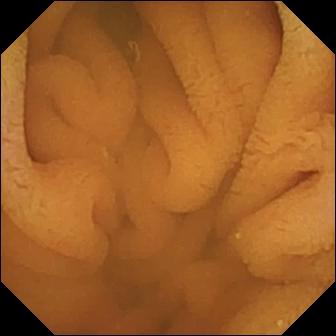Normal clean mucosa (336×336).